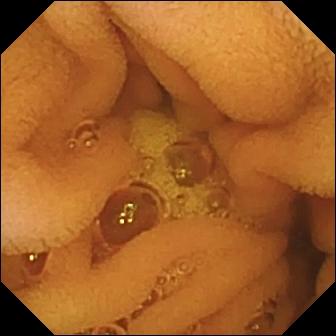- modality: wireless capsule endoscopy
- observation: normal clean mucosa